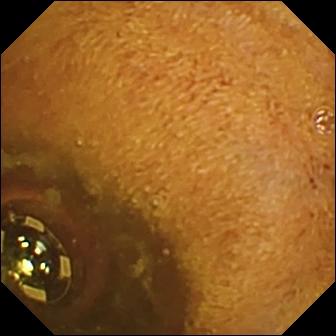Foreign body (e.g. retained capsule, tablet residue).